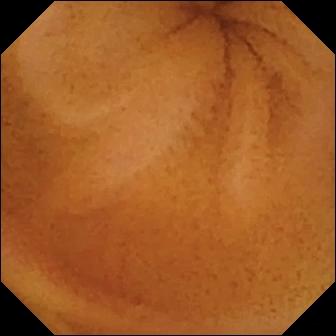PROCEDURE: WCE.
SEGMENT: Small intestine.
FINDINGS: Normal clean mucosa.